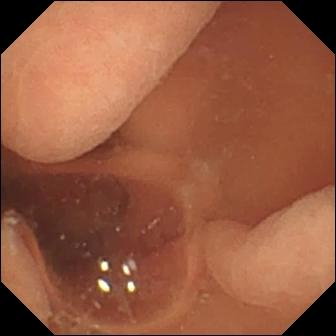Small-bowel capsule endoscopy — normal clean mucosa.